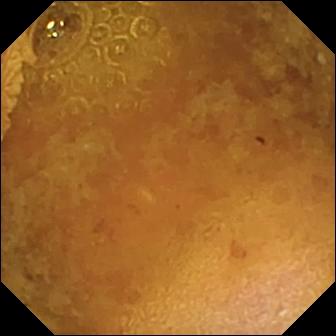{"modality": "video capsule endoscopy", "segment": "small bowel", "finding": "reduced mucosal view (content or bubbles obscuring the mucosa)"}